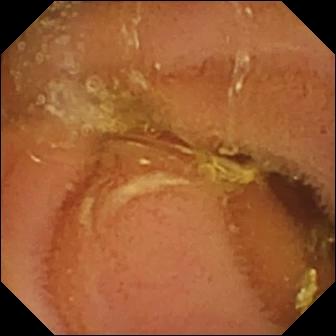VCE view, small intestine
Observation: normal clean mucosa